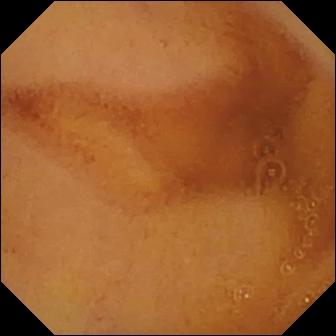Capsule endoscopy image (small intestine). Normal clean mucosa.